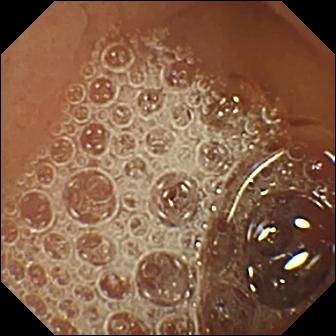{"modality": "WCE", "finding": "normal clean mucosa"}